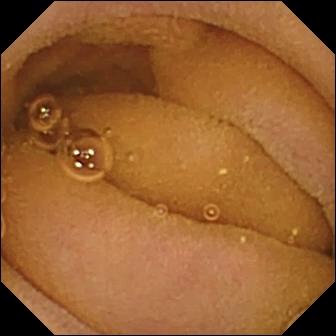- modality: VCE
- observation: normal clean mucosa